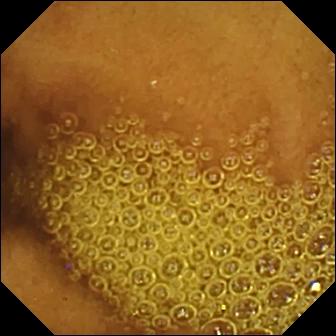Normal clean mucosa — VCE image.